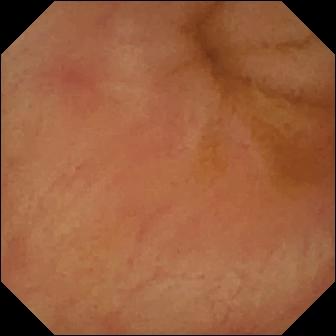VCE. Finding: erythema (mucosal redness).